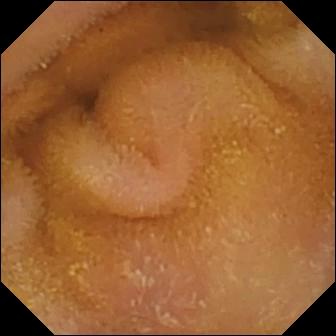WCE view, small bowel
Label: normal clean mucosa